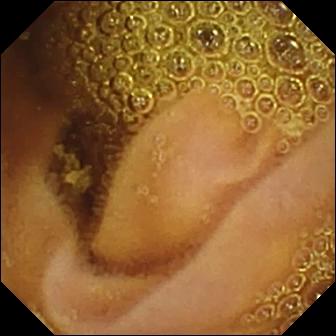PROCEDURE: Wireless capsule endoscopy.
FINDINGS: Normal clean mucosa.